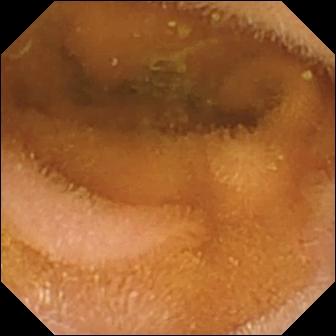- modality: capsule endoscopy
- observation: normal clean mucosa